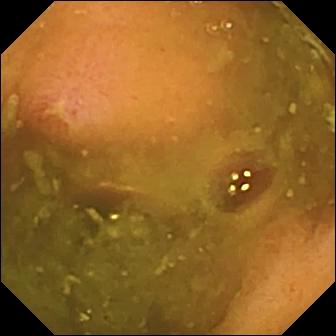Video capsule endoscopy image. Ulcer.